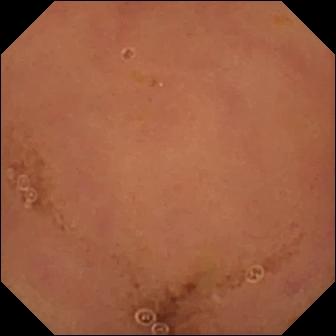WCE frame of the small bowel showing normal clean mucosa.